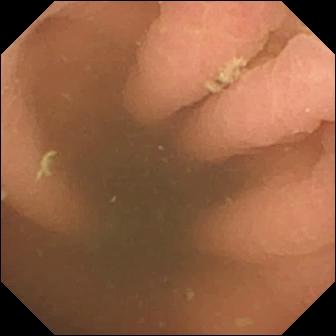- modality: VCE
- location: pylorus region (where the capsule passes from the stomach into the small bowel)